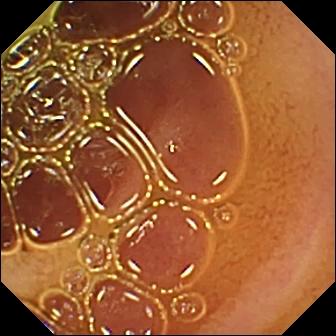VCE — normal clean mucosa.